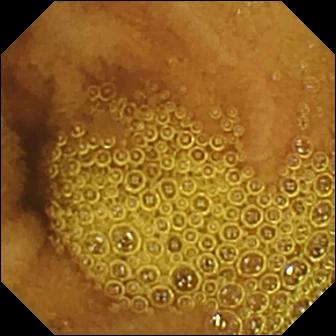WCE — normal clean mucosa.